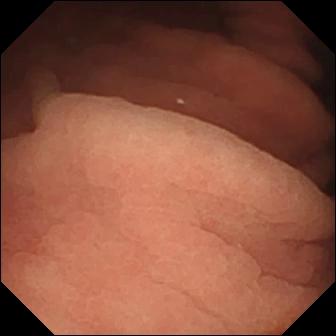WCE image
Impression: angiectasia